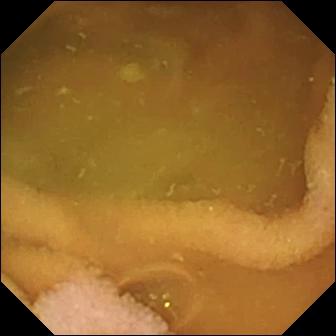Capsule endoscopy — normal clean mucosa.